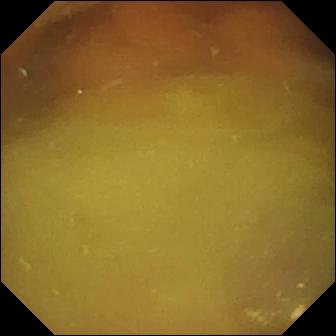Capsule endoscopy image of the small intestine showing normal clean mucosa.